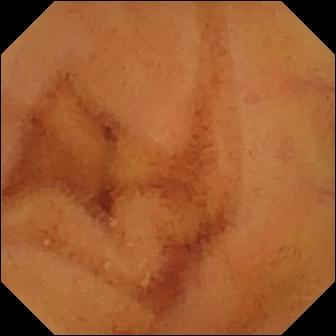{"modality": "wireless capsule endoscopy", "segment": "small intestine", "finding": "normal clean mucosa"}